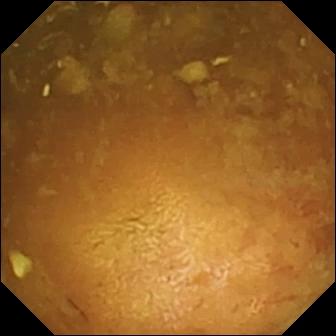This video capsule endoscopy snapshot of the small intestine shows reduced mucosal view (content or bubbles obscuring the mucosa).